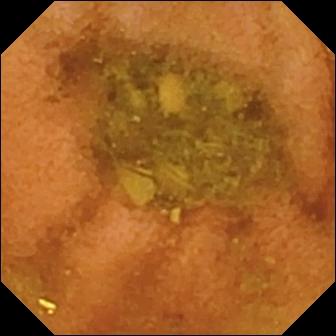- modality: wireless capsule endoscopy
- segment: small intestine
- observation: normal clean mucosa